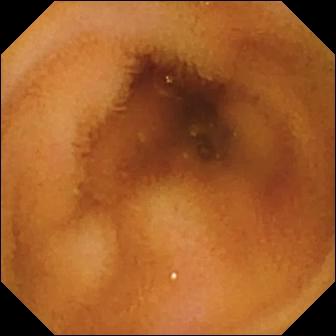{"modality": "VCE", "segment": "small bowel", "finding": "normal clean mucosa"}